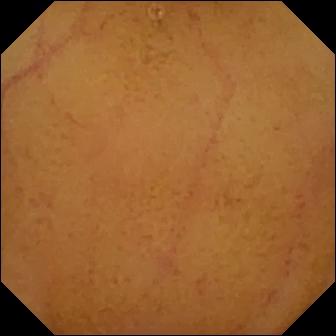PROCEDURE: Video capsule endoscopy.
FINDINGS: Normal clean mucosa.